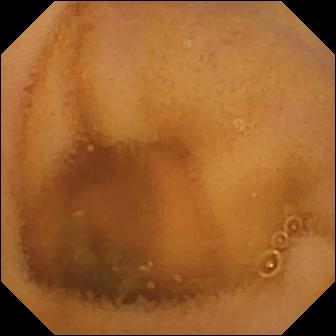Capsule endoscopy view
Label: normal clean mucosa